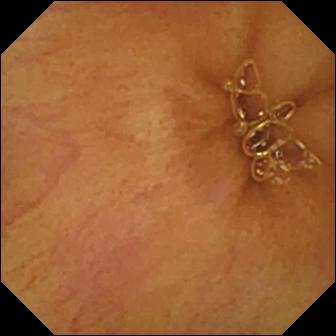Q: What does this small-bowel capsule endoscopy image of the small bowel show?
A: Normal clean mucosa.